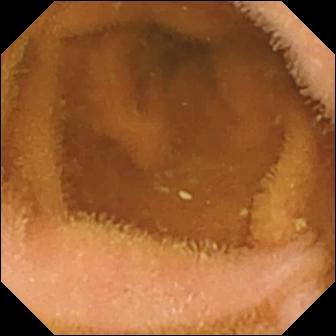{"modality": "WCE", "segment": "small intestine", "category": "luminal finding", "finding": "normal clean mucosa"}